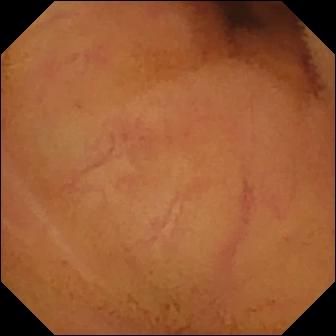Capsule endoscopy. Label: normal clean mucosa.